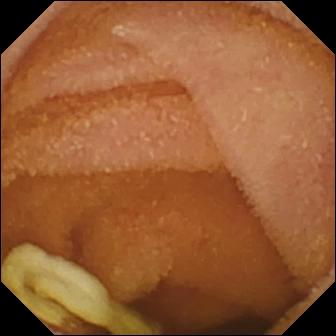Wireless capsule endoscopy image. Normal clean mucosa.